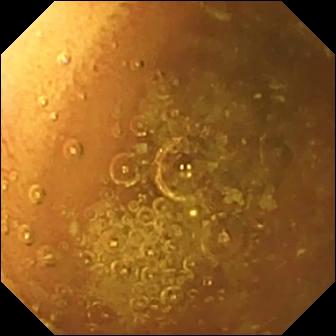{"modality": "small-bowel capsule endoscopy", "category": "luminal finding", "finding": "normal clean mucosa"}